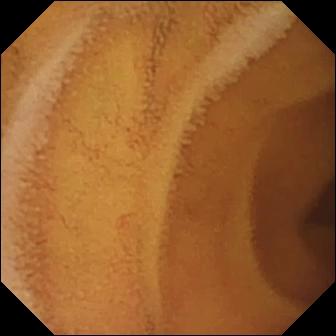PROCEDURE: Small-bowel capsule endoscopy.
SEGMENT: Small bowel.
FINDINGS: Normal clean mucosa.